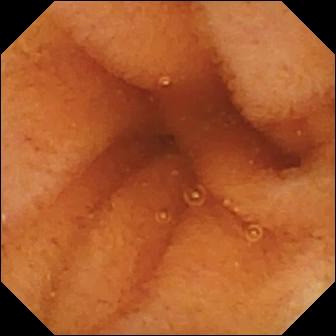Q: What does this video capsule endoscopy snapshot show?
A: Normal clean mucosa.